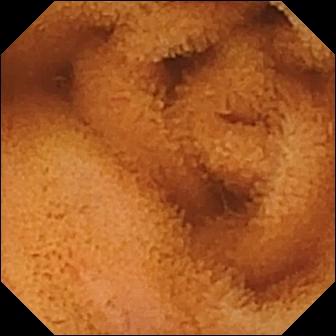Small-bowel capsule endoscopy — normal clean mucosa.